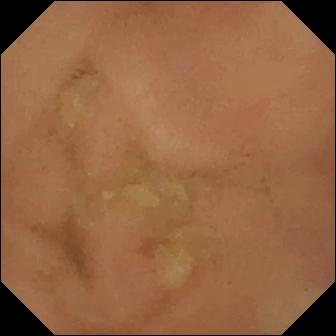This WCE view shows normal clean mucosa.